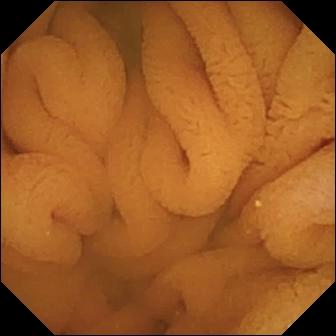VCE snapshot showing normal clean mucosa.